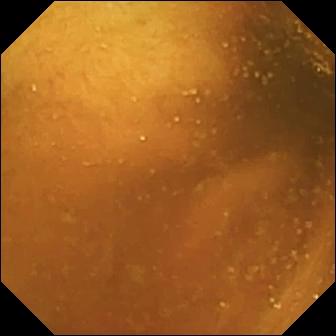Capsule endoscopy still of the small intestine showing normal clean mucosa.